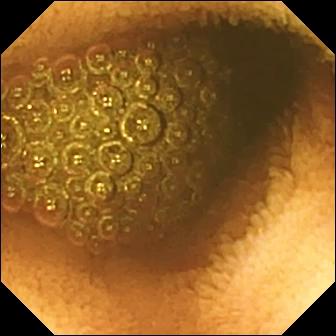Reduced mucosal view (content or bubbles obscuring the mucosa) — small-bowel capsule endoscopy image of the small bowel.